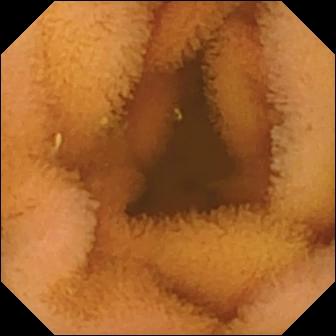Normal clean mucosa.